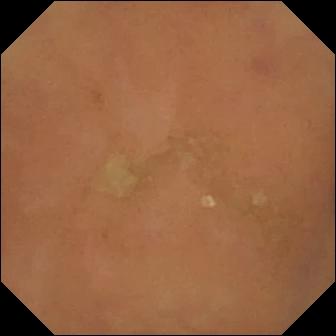Wireless capsule endoscopy — normal clean mucosa.